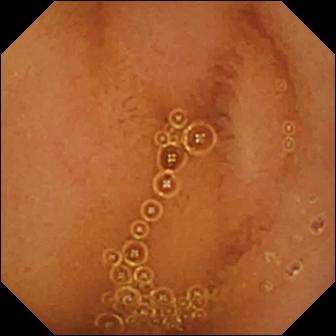Q: What does this WCE frame of the small intestine show?
A: Normal clean mucosa.